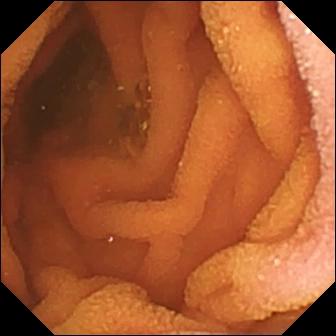Normal clean mucosa.